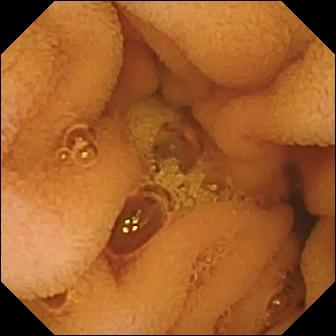{"modality": "VCE", "finding": "normal clean mucosa"}